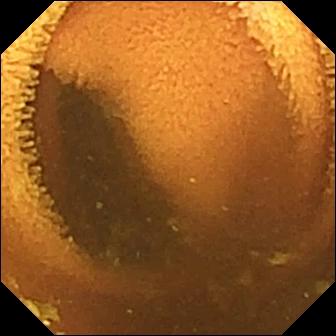WCE — normal clean mucosa.